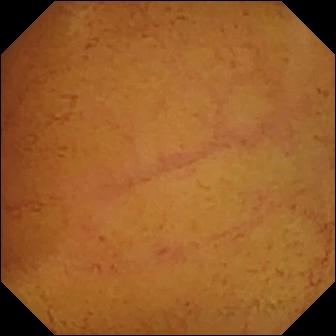Wireless capsule endoscopy view of the small intestine showing normal clean mucosa.